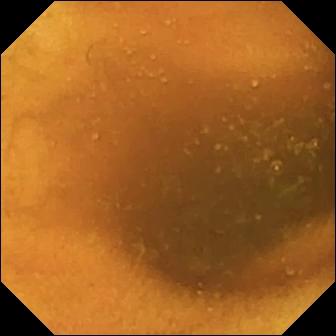PROCEDURE: Small-bowel capsule endoscopy.
FINDINGS: Normal clean mucosa.